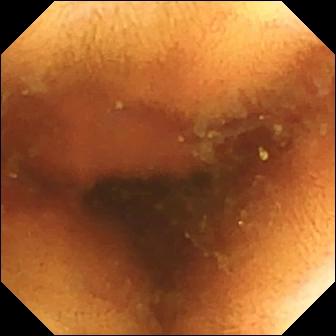Video capsule endoscopy. Small bowel. Finding: normal clean mucosa.